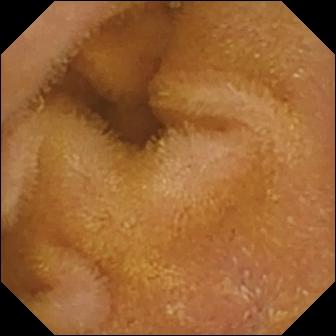PROCEDURE: Small-bowel capsule endoscopy.
FINDINGS: Normal clean mucosa.